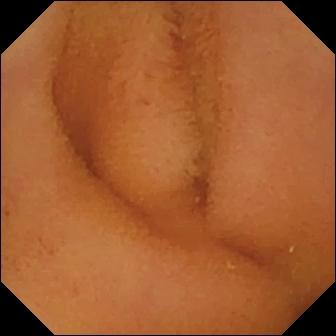This VCE image shows normal clean mucosa.